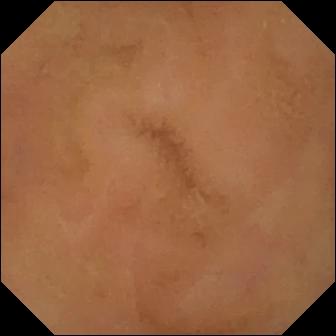Normal clean mucosa.